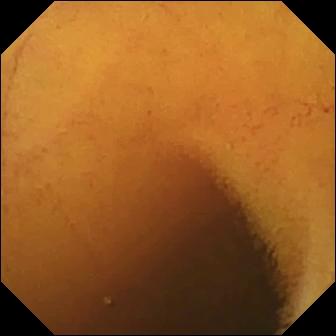modality: video capsule endoscopy | segment: small intestine | impression: normal clean mucosa